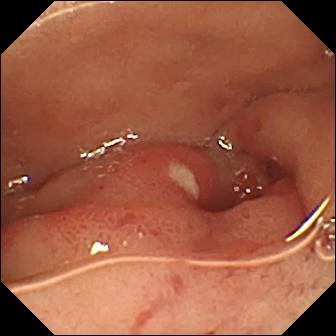WCE frame
Finding: ulcer